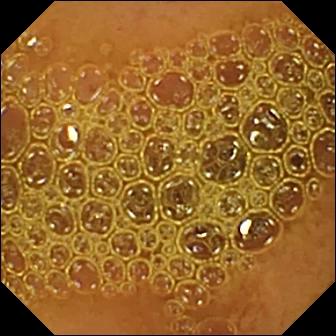This VCE still shows reduced mucosal view (content or bubbles obscuring the mucosa).